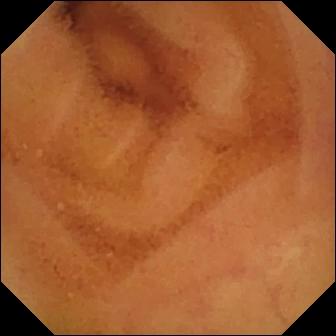Video capsule endoscopy frame showing normal clean mucosa.